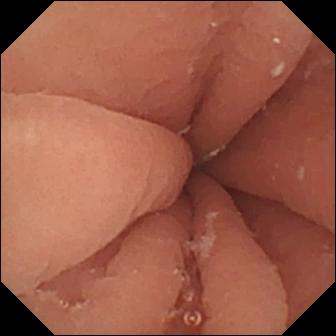Video capsule endoscopy still
Position: pylorus region